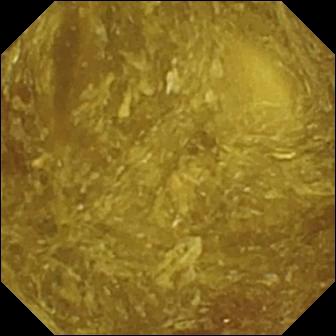VCE. Small intestine. Luminal finding. Finding: reduced mucosal view (content or bubbles obscuring the mucosa).